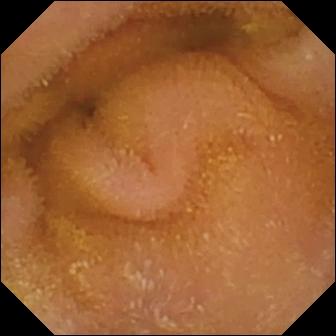Normal clean mucosa — video capsule endoscopy frame of the small intestine.